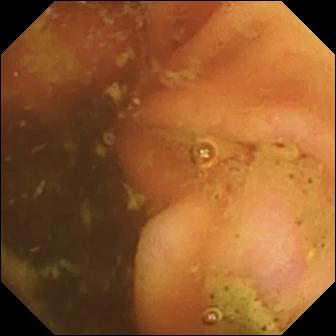Q: Where in the digestive tract was this capsule endoscopy snapshot taken?
A: Ileo-cecal valve region (the transition from the small bowel to the large bowel).